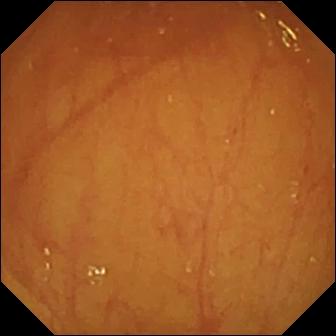VCE still taken in the ileo-cecal valve region (the transition from the small bowel to the large bowel).